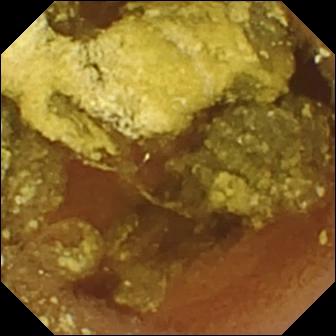Capsule endoscopy still (small intestine). Normal clean mucosa.